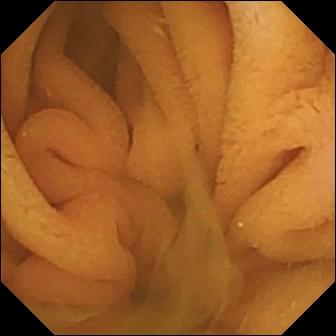Small-bowel capsule endoscopy — normal clean mucosa.